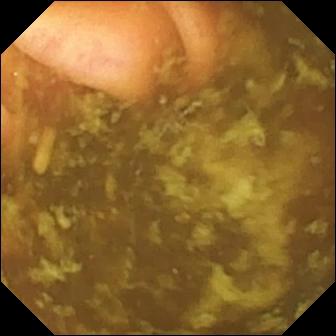- modality: capsule endoscopy
- category: anatomical landmark
- label: ileo-cecal valve region (the transition from the small bowel to the large bowel)